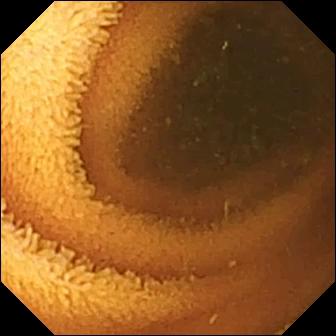- modality: small-bowel capsule endoscopy
- segment: small bowel
- observation: normal clean mucosa